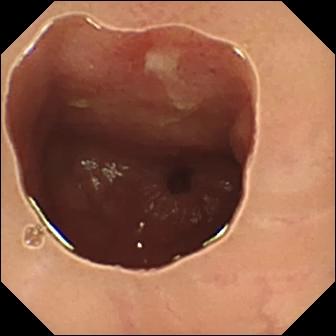Q: What does this VCE frame show?
A: Ulcer.